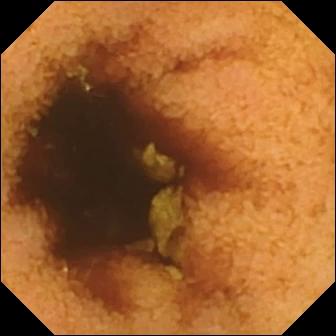- modality: WCE
- category: luminal finding
- finding: normal clean mucosa